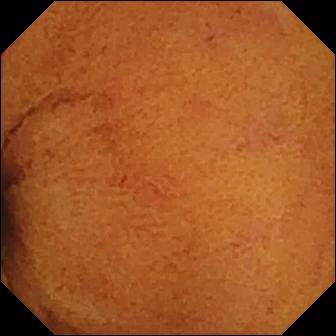Video capsule endoscopy. Small bowel. Luminal finding. Observation: normal clean mucosa.